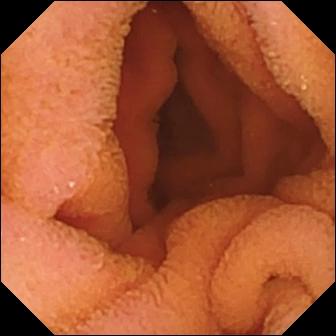This VCE still shows normal clean mucosa.